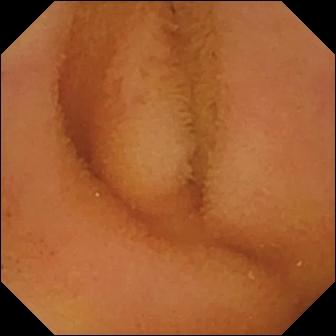PROCEDURE: WCE.
FINDINGS: Normal clean mucosa.